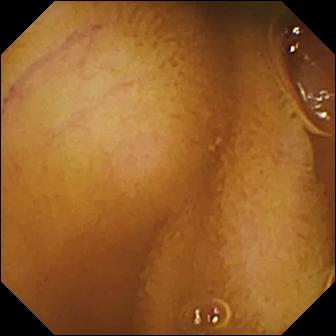WCE image of the small bowel showing normal clean mucosa.